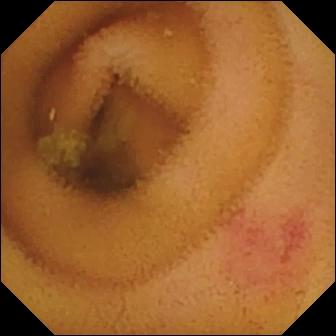VCE snapshot
Impression: angiectasia